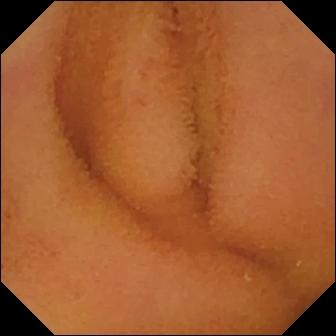Q: What does this wireless capsule endoscopy still of the small intestine show?
A: Normal clean mucosa.